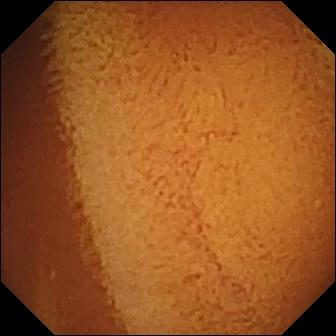Normal clean mucosa — VCE frame of the small intestine.